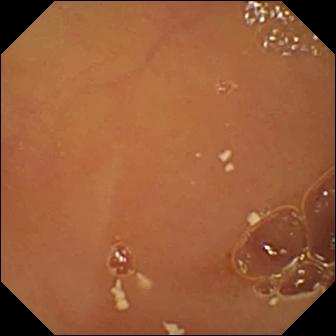Small-bowel capsule endoscopy — normal clean mucosa.